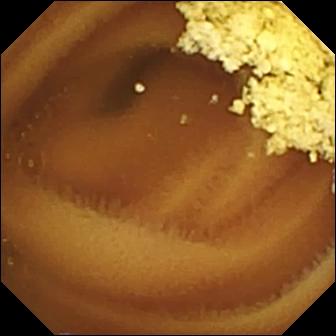Small-bowel capsule endoscopy image. Normal clean mucosa.